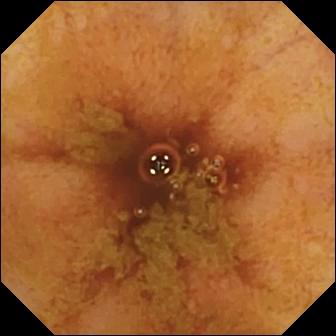PROCEDURE: VCE.
POSITION: Ileo-cecal valve region (the transition from the small bowel to the large bowel).